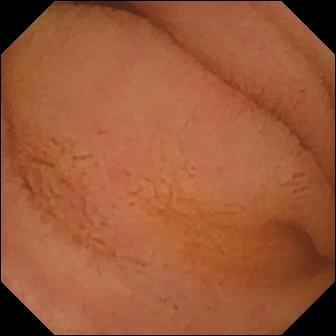This small-bowel capsule endoscopy frame shows normal clean mucosa.